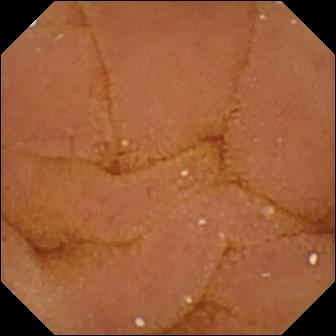Normal clean mucosa.